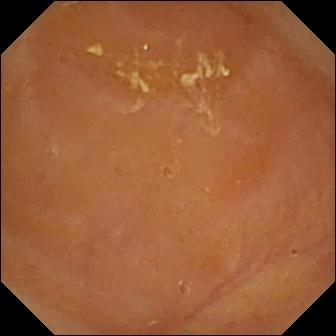PROCEDURE: Wireless capsule endoscopy.
SEGMENT: Small bowel.
FINDINGS: Reduced mucosal view (content or bubbles obscuring the mucosa).